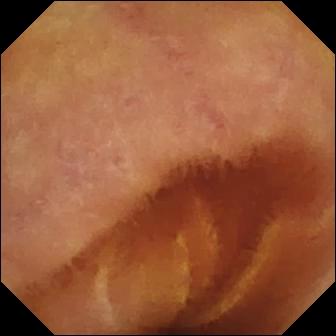Capsule endoscopy. Observation: normal clean mucosa.